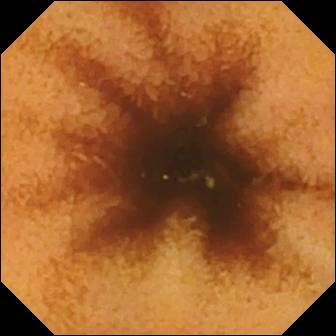WCE — normal clean mucosa.